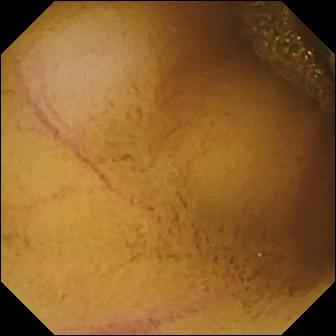Small-bowel capsule endoscopy. Small intestine. Label: normal clean mucosa.